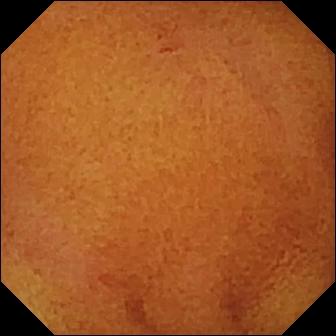- modality: capsule endoscopy
- segment: small bowel
- observation: normal clean mucosa